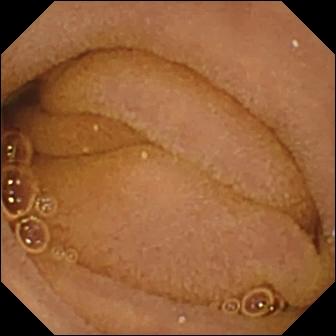This video capsule endoscopy frame shows normal clean mucosa.